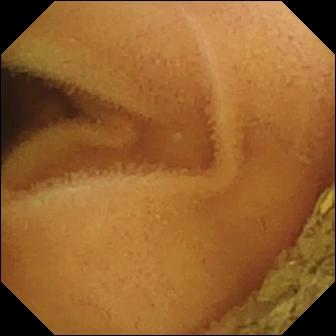Wireless capsule endoscopy image, 336×336. Normal clean mucosa.